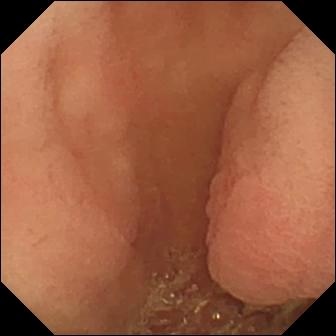PROCEDURE: Small-bowel capsule endoscopy.
LOCATION: Pylorus region.